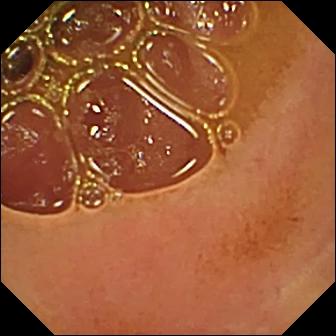WCE — normal clean mucosa.